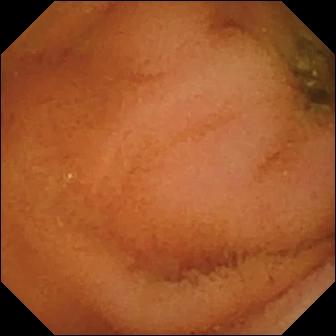Normal clean mucosa — small-bowel capsule endoscopy view of the small intestine.